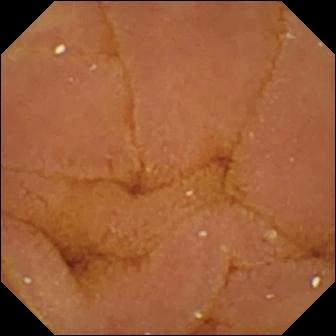{"modality": "small-bowel capsule endoscopy", "segment": "small intestine", "category": "luminal finding", "finding": "normal clean mucosa"}